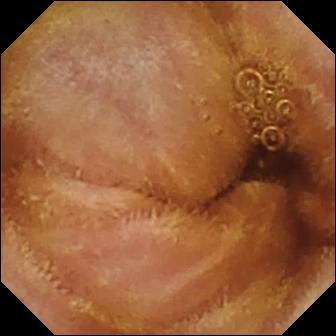Normal clean mucosa.